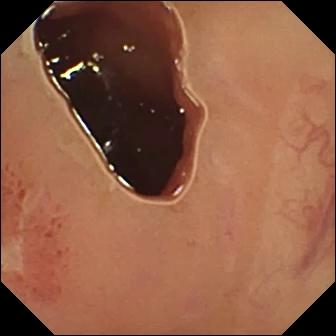- modality: small-bowel capsule endoscopy
- finding: ulcer